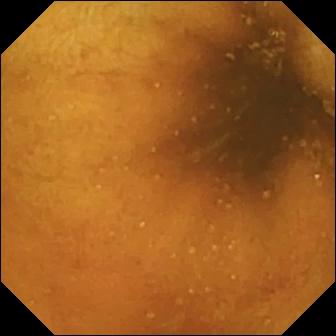Normal clean mucosa — video capsule endoscopy snapshot.